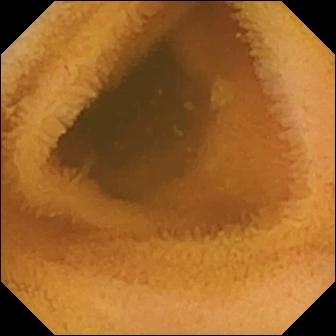Video capsule endoscopy — normal clean mucosa.